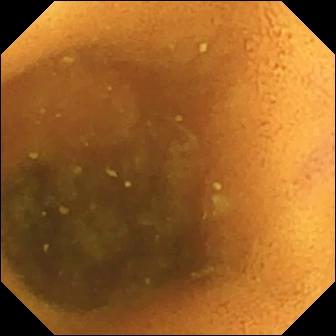{"modality": "VCE", "category": "luminal finding", "finding": "normal clean mucosa"}